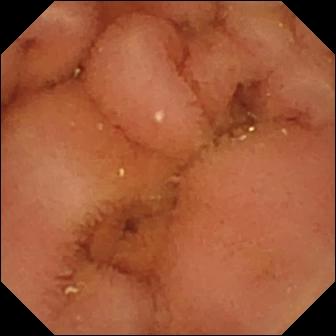PROCEDURE: Capsule endoscopy.
SEGMENT: Small intestine.
FINDINGS: Normal clean mucosa.